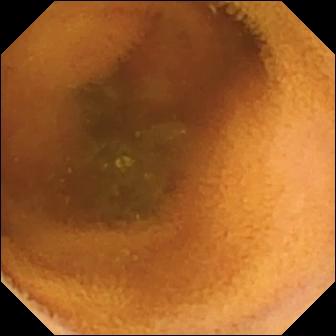Capsule endoscopy — normal clean mucosa.